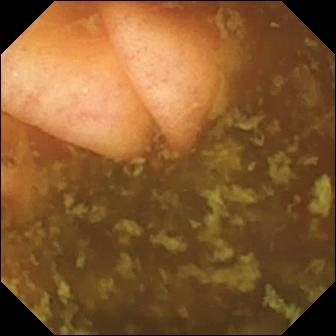Video capsule endoscopy — ileo-cecal valve region (the transition from the small bowel to the large bowel).